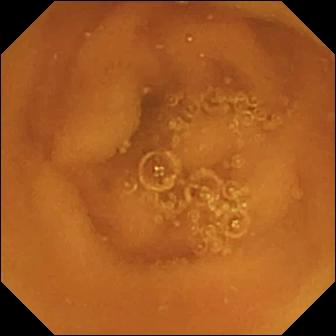VCE image. Normal clean mucosa.